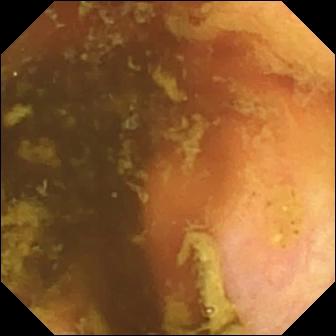modality: capsule endoscopy; category: anatomical landmark; label: ileo-cecal valve region